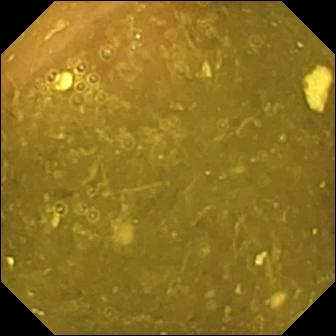Video capsule endoscopy image. Taken in the ileo-cecal valve region (where the capsule passes from the small bowel into the large bowel).